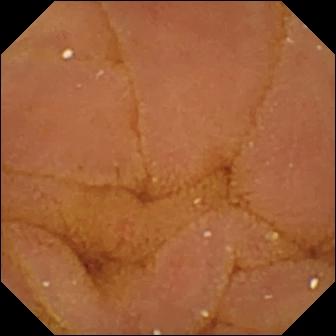Normal clean mucosa — VCE snapshot of the small bowel.